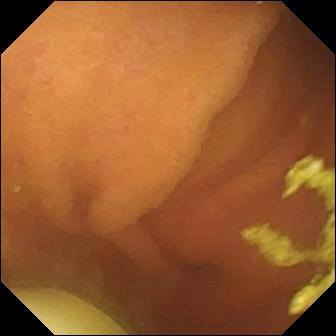Q: What does this WCE snapshot show?
A: Foreign body (e.g. retained capsule, tablet residue).